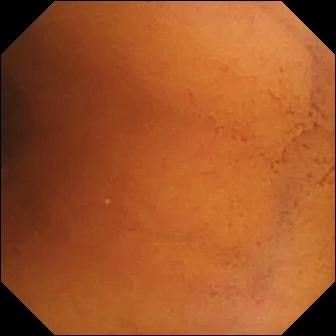This small-bowel capsule endoscopy image shows normal clean mucosa.